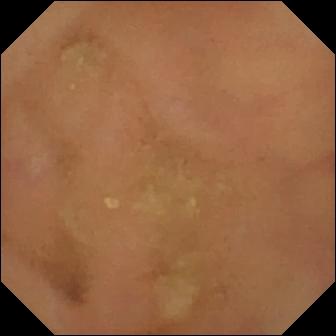Video capsule endoscopy snapshot
Finding: normal clean mucosa